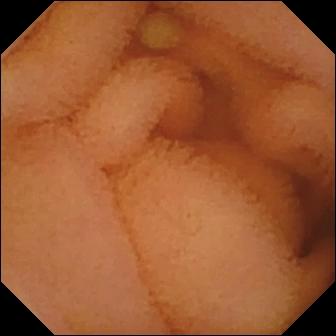Small-bowel capsule endoscopy snapshot (small bowel). Normal clean mucosa.